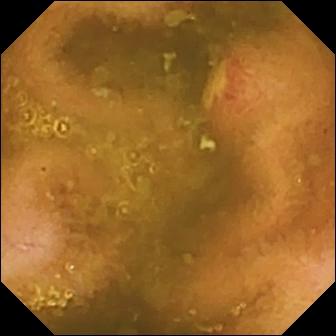Wireless capsule endoscopy image. Ulcer.